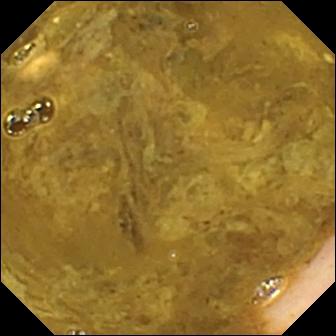PROCEDURE: Wireless capsule endoscopy.
LABEL: Ileo-cecal valve region.